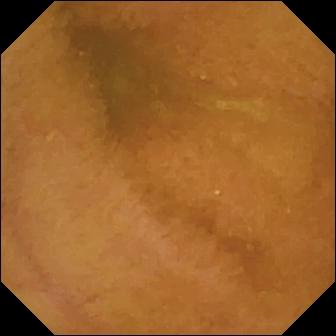PROCEDURE: Wireless capsule endoscopy.
FINDINGS: Normal clean mucosa.